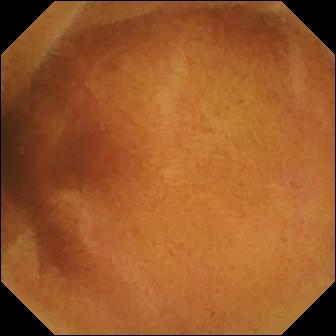Normal clean mucosa — video capsule endoscopy view of the small bowel.